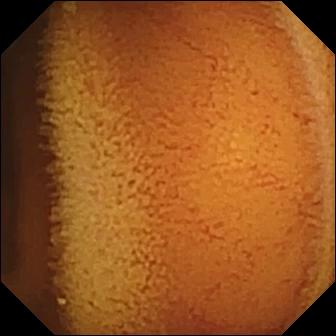Wireless capsule endoscopy — normal clean mucosa.